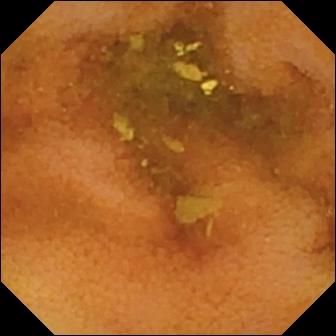modality: WCE
observation: normal clean mucosa